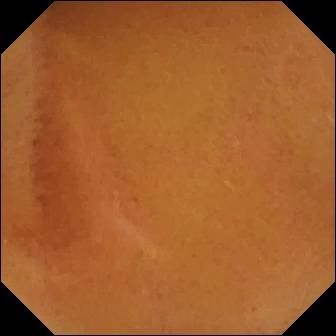Q: What does this video capsule endoscopy view of the small bowel show?
A: Normal clean mucosa.